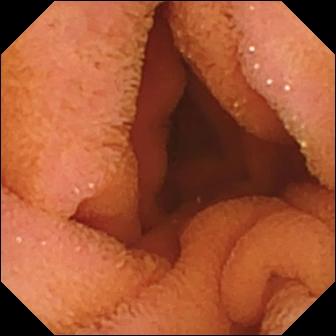WCE snapshot, 336×336. Normal clean mucosa.